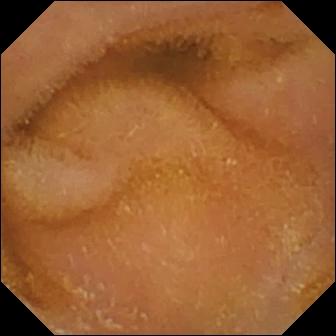{"modality": "VCE", "finding": "normal clean mucosa"}